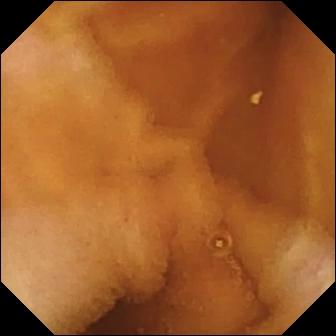Normal clean mucosa — small-bowel capsule endoscopy still of the small bowel.